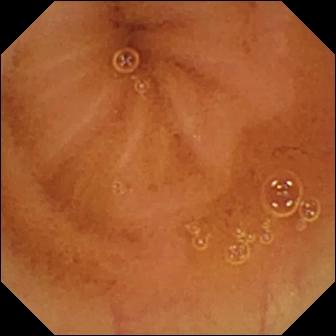This wireless capsule endoscopy still of the small bowel shows normal clean mucosa.